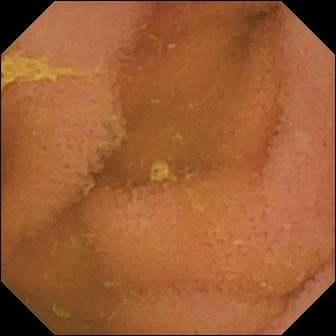Normal clean mucosa — capsule endoscopy still.